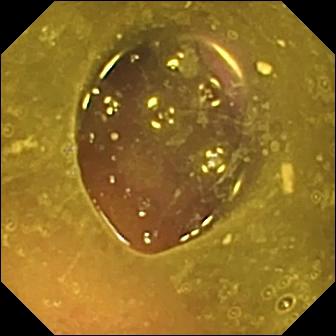- modality: video capsule endoscopy
- segment: small intestine
- label: reduced mucosal view (content or bubbles obscuring the mucosa)